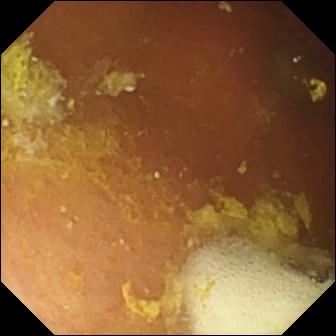modality: VCE; observation: foreign body (e.g. retained capsule, tablet residue)